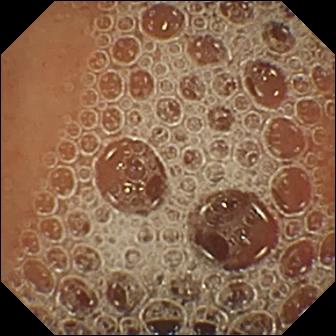Normal clean mucosa.